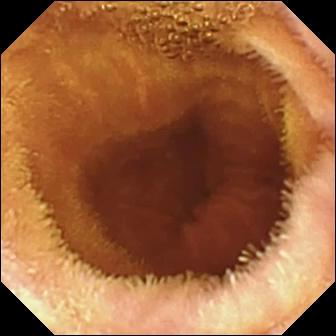Wireless capsule endoscopy snapshot, small bowel
Impression: normal clean mucosa